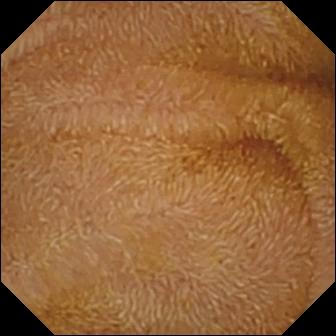Normal clean mucosa — WCE still.